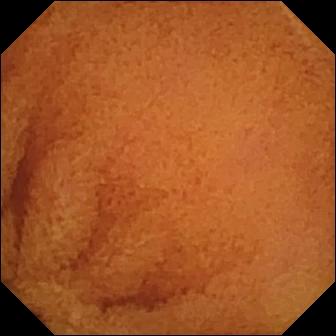Normal clean mucosa (336×336).